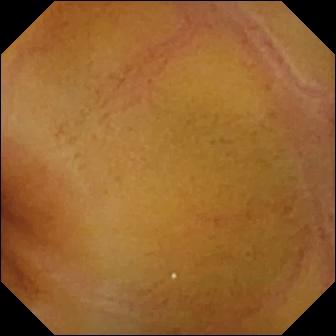Capsule endoscopy view (small bowel). Normal clean mucosa.